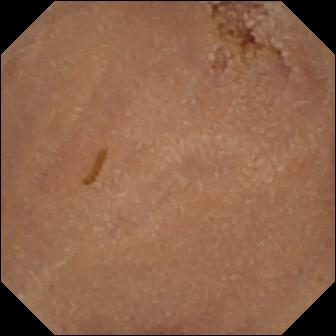modality: video capsule endoscopy | category: luminal finding | finding: normal clean mucosa